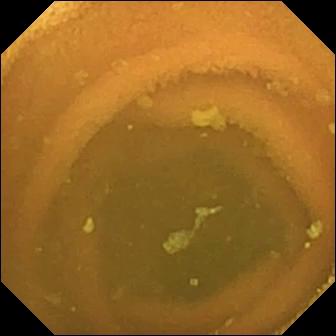PROCEDURE: Capsule endoscopy.
SEGMENT: Small intestine.
FINDINGS: Normal clean mucosa.